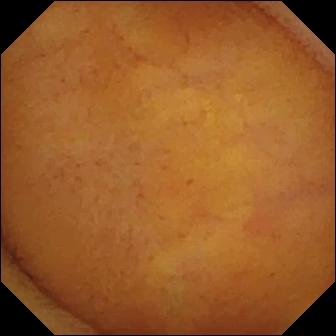PROCEDURE: Small-bowel capsule endoscopy.
SEGMENT: Small bowel.
FINDINGS: Normal clean mucosa.